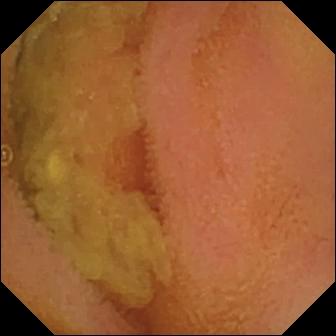Capsule endoscopy still (small bowel). Normal clean mucosa.